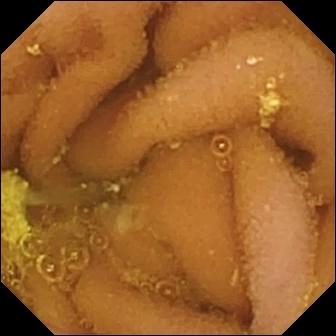VCE still showing lymphangiectasia.